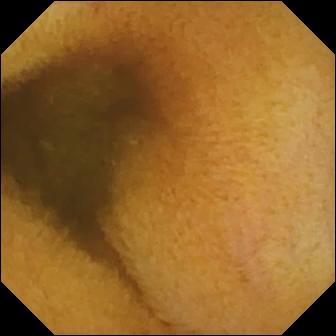PROCEDURE: Capsule endoscopy.
SEGMENT: Small bowel.
FINDINGS: Normal clean mucosa.